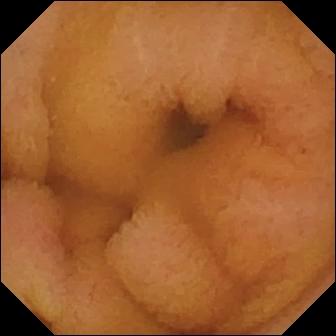Wireless capsule endoscopy still showing normal clean mucosa.